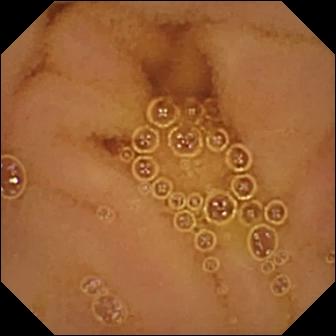Wireless capsule endoscopy — normal clean mucosa.